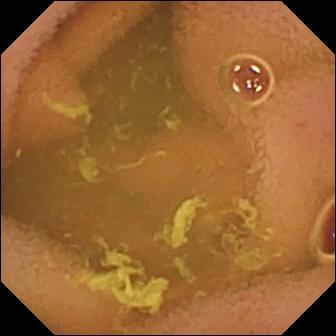Video capsule endoscopy frame
Label: normal clean mucosa